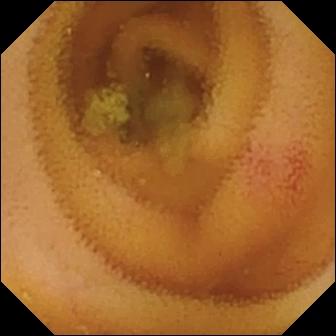This video capsule endoscopy image shows angiectasia.